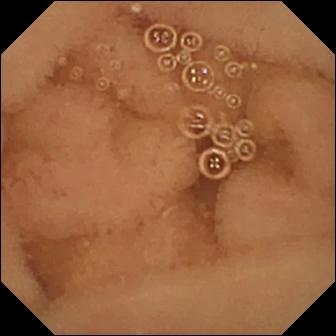Capsule endoscopy — normal clean mucosa.